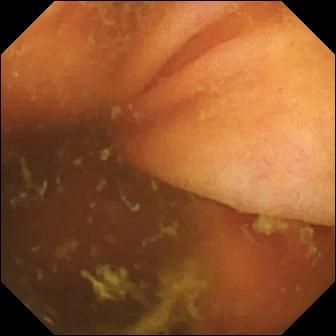This VCE frame was taken in the ileo-cecal valve region (where the capsule passes from the small bowel into the large bowel).